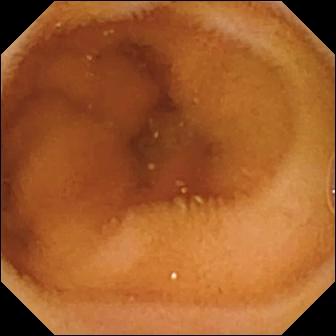Q: What does this VCE view show?
A: Normal clean mucosa.